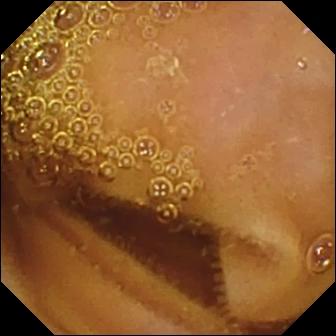Wireless capsule endoscopy — normal clean mucosa.